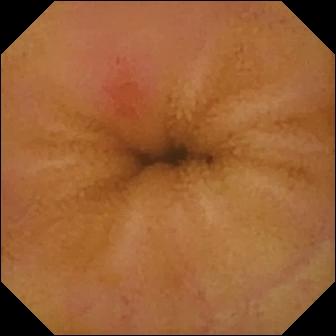- modality: WCE
- label: erythema (mucosal redness)